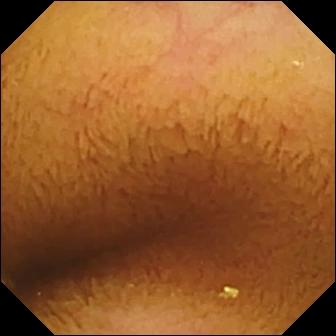VCE still (small bowel), 336×336. Normal clean mucosa.